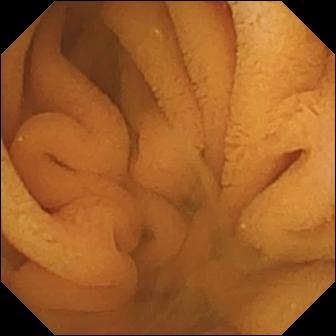VCE frame showing normal clean mucosa.